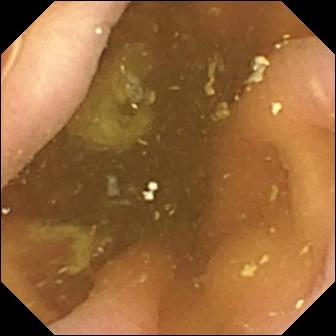modality: VCE; category: anatomical landmark; label: pylorus region (where the capsule passes from the stomach into the small bowel)